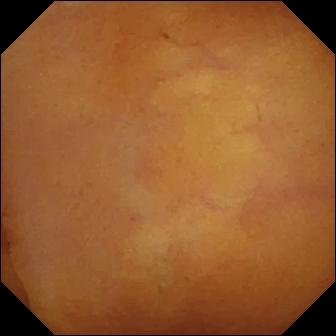Q: What does this wireless capsule endoscopy frame show?
A: Normal clean mucosa.